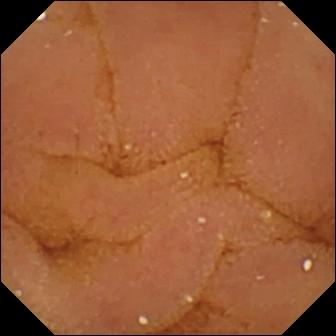Normal clean mucosa — small-bowel capsule endoscopy view.